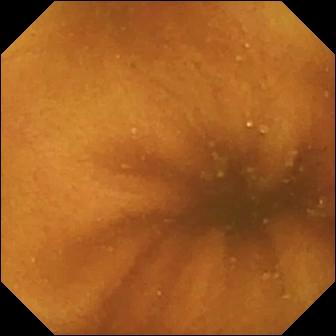VCE — normal clean mucosa.